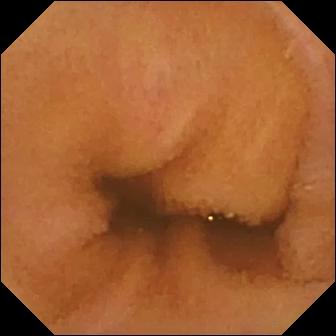VCE frame (small bowel). Normal clean mucosa.